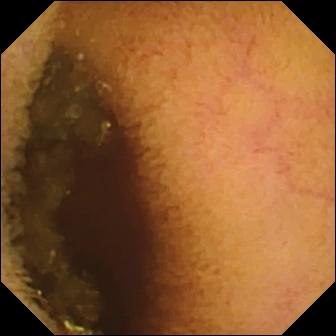Video capsule endoscopy snapshot
Impression: normal clean mucosa